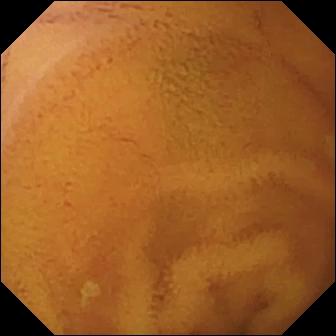Video capsule endoscopy snapshot, small intestine
Impression: normal clean mucosa